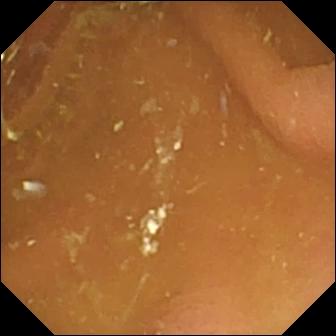PROCEDURE: Video capsule endoscopy.
LOCATION: Pylorus region (where the capsule passes from the stomach into the small bowel).